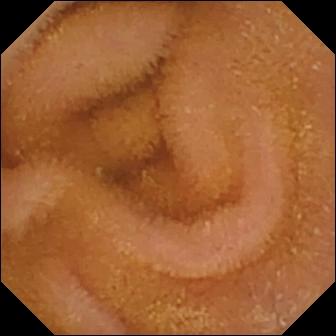PROCEDURE: Small-bowel capsule endoscopy.
SEGMENT: Small bowel.
FINDINGS: Normal clean mucosa.